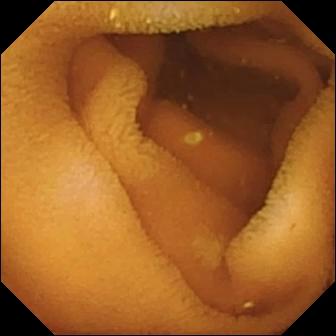Wireless capsule endoscopy still, small bowel
Label: normal clean mucosa